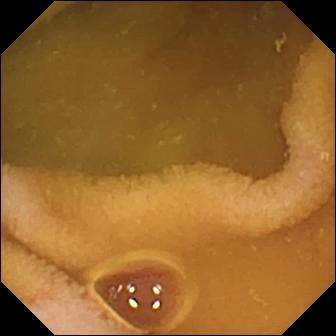Wireless capsule endoscopy frame showing normal clean mucosa.